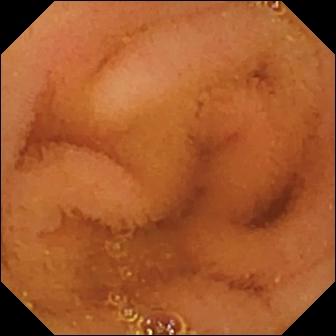WCE still of the small bowel showing normal clean mucosa.